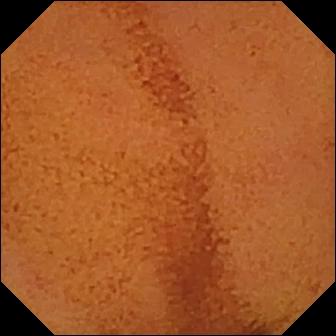Q: What does this small-bowel capsule endoscopy frame of the small intestine show?
A: Normal clean mucosa.